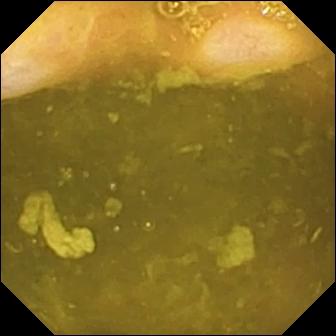{"modality": "video capsule endoscopy", "category": "anatomical landmark", "video_segment": "ileo-cecal valve region (where the capsule passes from the small bowel into the large bowel)"}